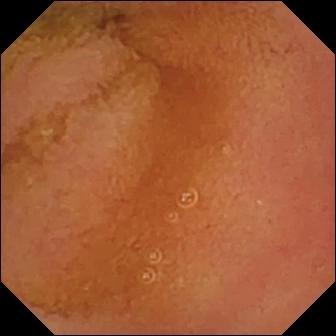- modality: WCE
- category: luminal finding
- observation: normal clean mucosa